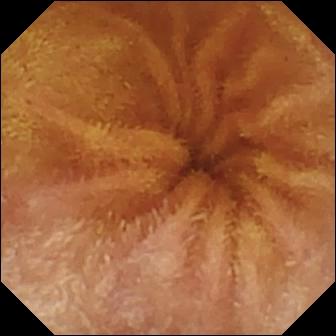Normal clean mucosa — VCE still.